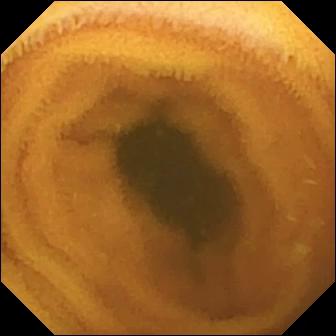Normal clean mucosa.